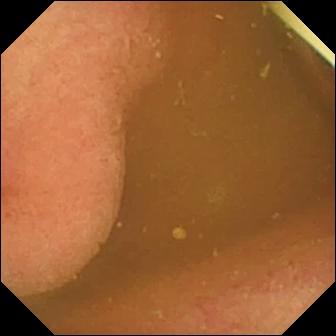Foreign body (e.g. retained capsule, tablet residue) — small-bowel capsule endoscopy view.